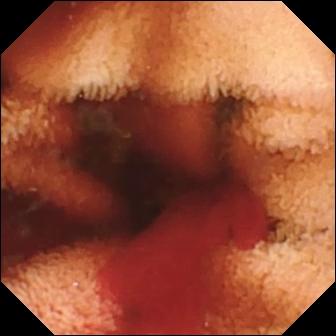This video capsule endoscopy snapshot shows fresh blood in the lumen.